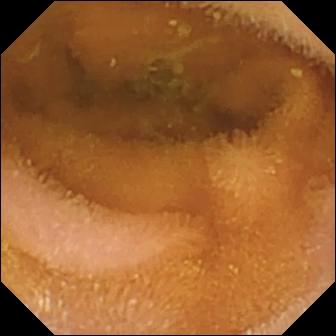This video capsule endoscopy still of the small bowel shows normal clean mucosa.